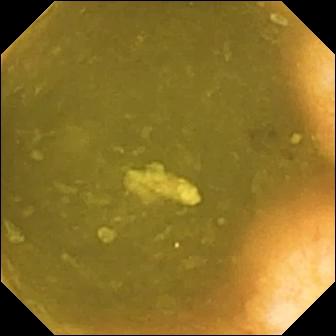Capsule endoscopy — ileo-cecal valve region (the transition from the small bowel to the large bowel).